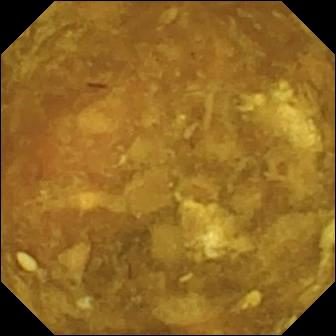Q: What does this small-bowel capsule endoscopy frame of the small intestine show?
A: Reduced mucosal view (content or bubbles obscuring the mucosa).